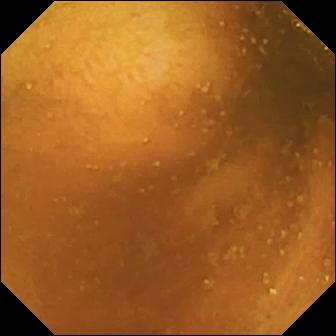Normal clean mucosa — WCE still of the small bowel.